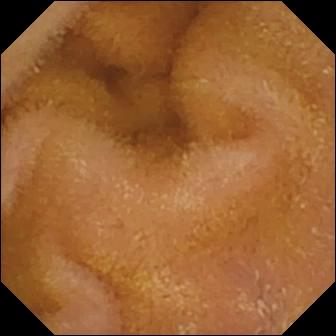This WCE still shows normal clean mucosa.